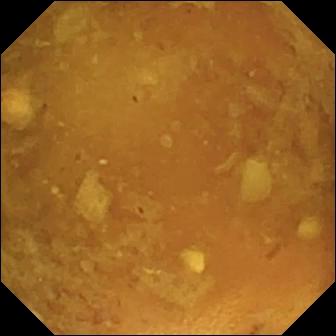WCE. Small bowel. Luminal finding. Observation: reduced mucosal view (content or bubbles obscuring the mucosa).